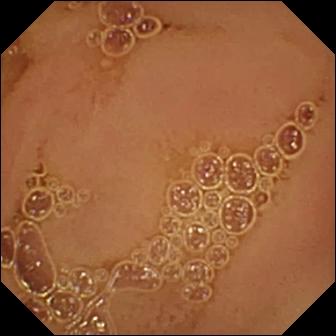VCE snapshot (small intestine). Normal clean mucosa.